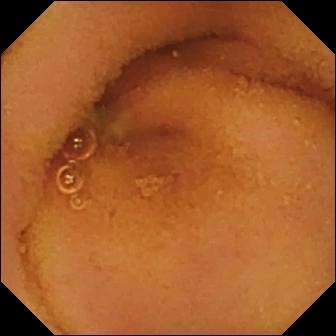Wireless capsule endoscopy — normal clean mucosa.